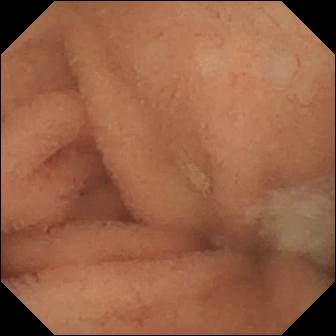Q: What does this video capsule endoscopy image of the small intestine show?
A: Normal clean mucosa.